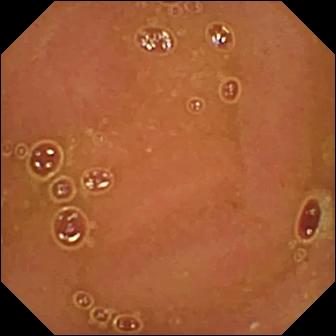Capsule endoscopy snapshot of the small intestine showing normal clean mucosa.